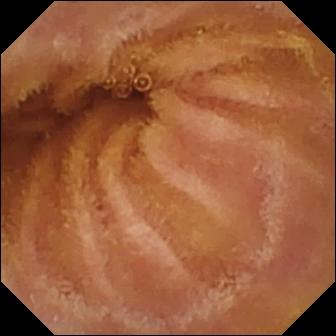Q: What does this small-bowel capsule endoscopy image of the small intestine show?
A: Normal clean mucosa.